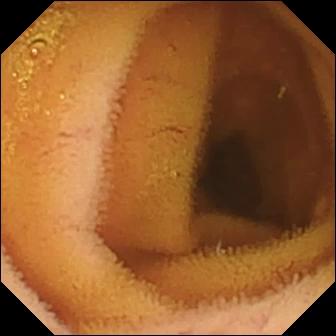Normal clean mucosa — video capsule endoscopy frame.